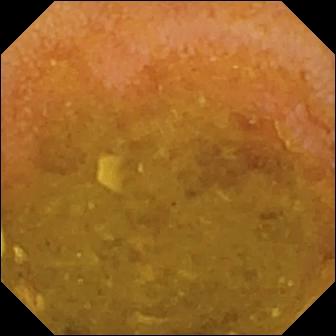modality: video capsule endoscopy
segment: small bowel
observation: reduced mucosal view (content or bubbles obscuring the mucosa)